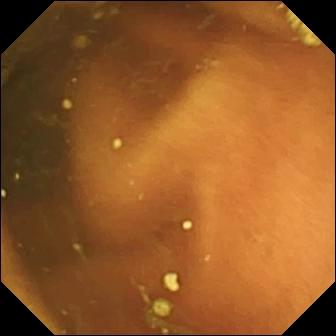Q: Where in the digestive tract was this small-bowel capsule endoscopy view taken?
A: Ileo-cecal valve region (the transition from the small bowel to the large bowel).